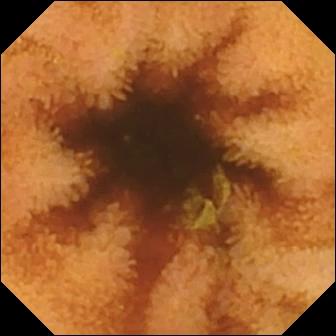Q: What does this small-bowel capsule endoscopy still of the small bowel show?
A: Normal clean mucosa.